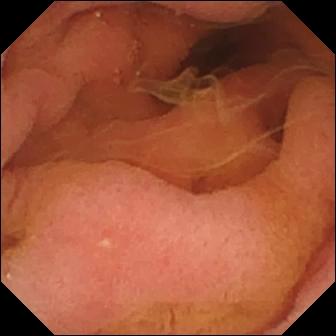modality: VCE
video segment: pylorus region (the junction between the stomach and the small bowel)